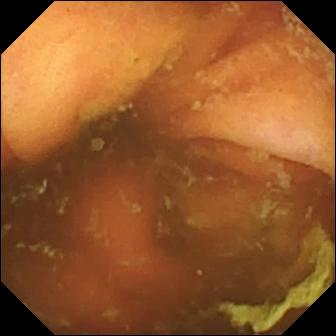WCE frame
Video segment: ileo-cecal valve region (where the capsule passes from the small bowel into the large bowel)